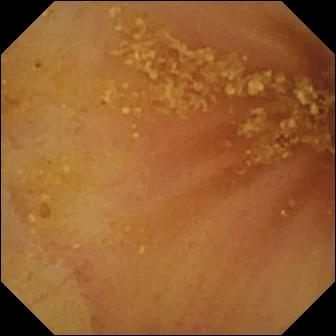modality: small-bowel capsule endoscopy; label: ileo-cecal valve region (the transition from the small bowel to the large bowel)